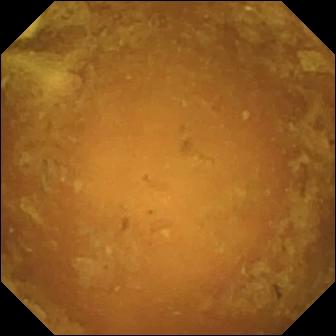VCE still (small bowel). Reduced mucosal view (content or bubbles obscuring the mucosa).